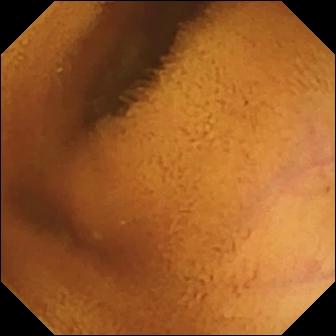Wireless capsule endoscopy image, small intestine
Impression: normal clean mucosa